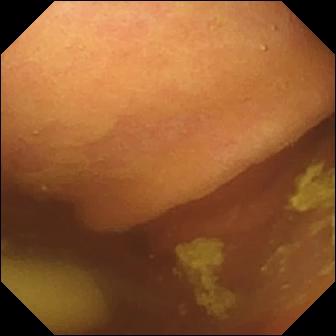This WCE still shows foreign body (e.g. retained capsule, tablet residue).